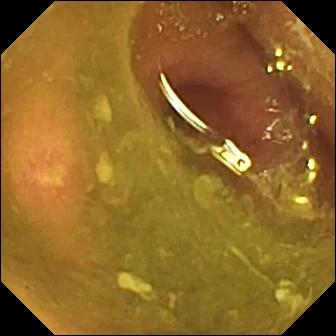WCE. Impression: ulcer.